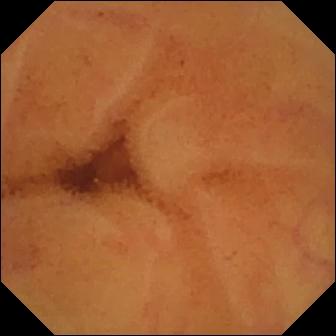- modality: wireless capsule endoscopy
- observation: normal clean mucosa